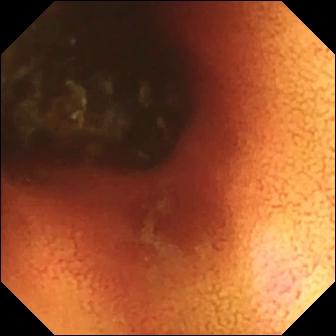Small-bowel capsule endoscopy. Position: ileo-cecal valve region.